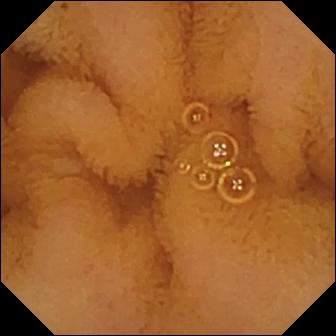Normal clean mucosa — capsule endoscopy view.